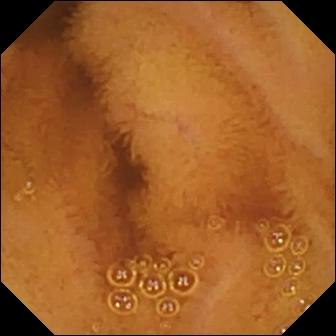Capsule endoscopy image (small intestine). Normal clean mucosa.